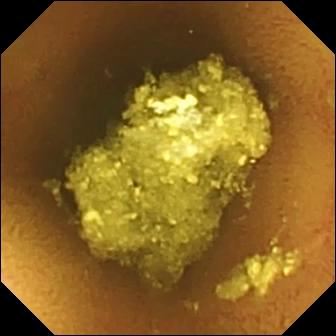Normal clean mucosa.